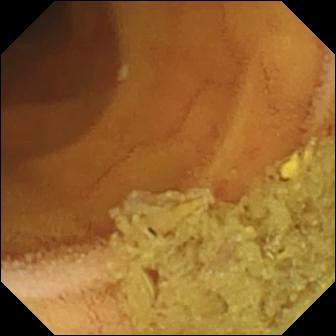Video capsule endoscopy. Finding: normal clean mucosa.